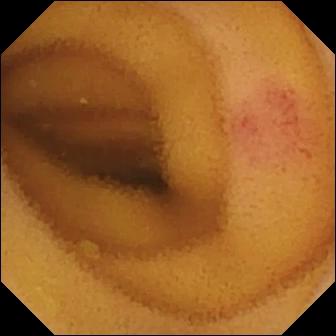Video capsule endoscopy image
Impression: angiectasia